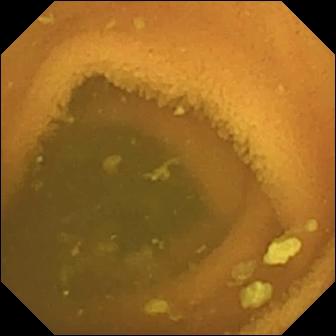modality: video capsule endoscopy | segment: small bowel | label: normal clean mucosa